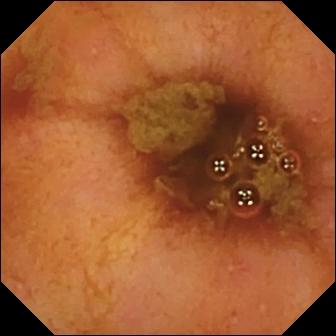Video capsule endoscopy — ileo-cecal valve region (where the capsule passes from the small bowel into the large bowel).